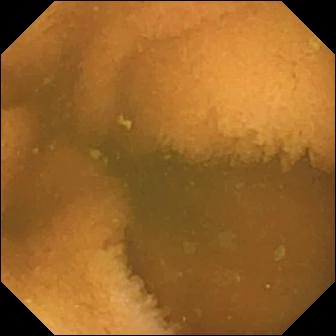Capsule endoscopy. Finding: normal clean mucosa.